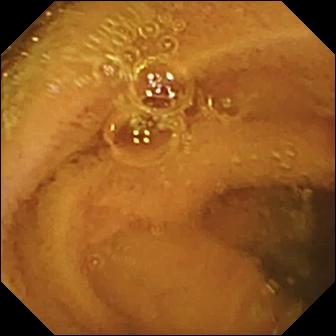PROCEDURE: WCE.
FINDINGS: Normal clean mucosa.